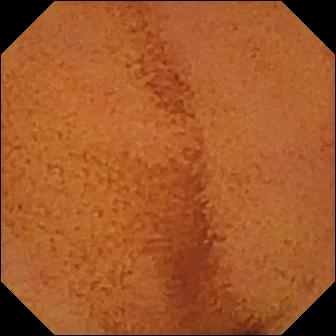Q: What does this capsule endoscopy frame show?
A: Normal clean mucosa.